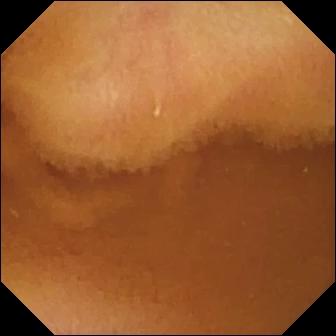modality: capsule endoscopy
finding: normal clean mucosa